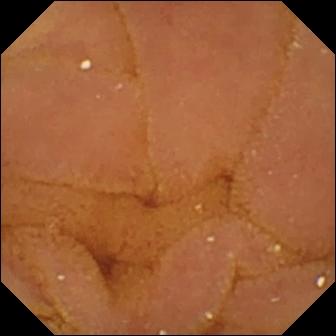WCE snapshot showing normal clean mucosa.